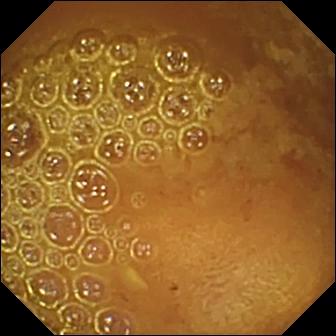Reduced mucosal view (content or bubbles obscuring the mucosa) — capsule endoscopy snapshot of the small bowel.